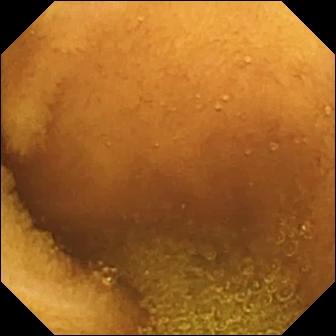{"modality": "small-bowel capsule endoscopy", "finding": "normal clean mucosa"}